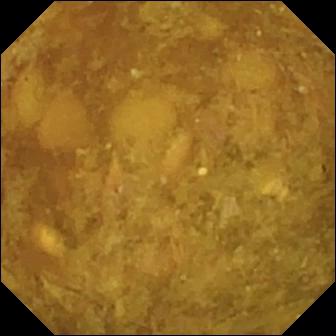Small-bowel capsule endoscopy view of the small bowel showing reduced mucosal view (content or bubbles obscuring the mucosa).